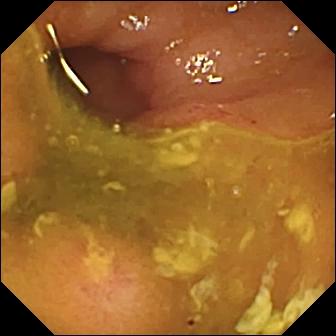modality: wireless capsule endoscopy | category: luminal finding | finding: ulcer